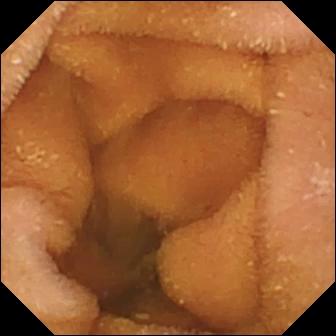This WCE view of the small intestine shows normal clean mucosa.